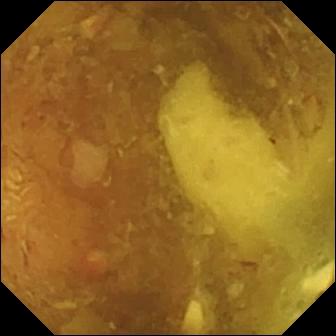- modality: WCE
- finding: reduced mucosal view (content or bubbles obscuring the mucosa)